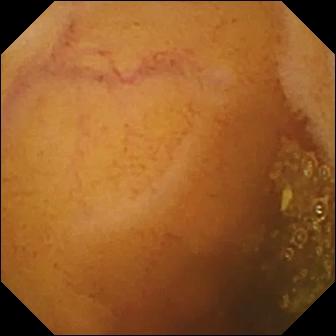VCE still (small intestine). Normal clean mucosa.